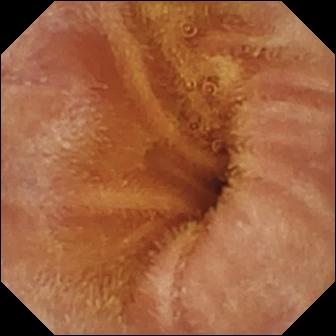- modality: WCE
- finding: normal clean mucosa